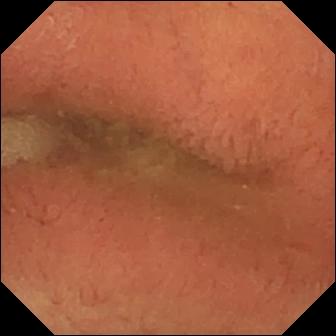modality: capsule endoscopy; location: pylorus region (where the capsule passes from the stomach into the small bowel)